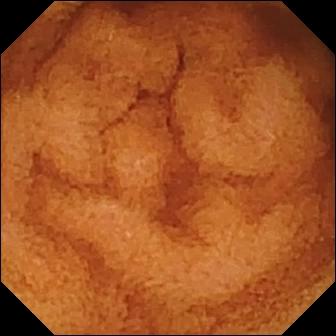PROCEDURE: Wireless capsule endoscopy.
SEGMENT: Small intestine.
FINDINGS: Normal clean mucosa.